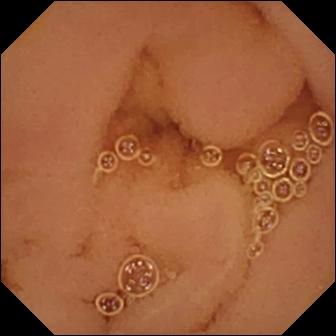Normal clean mucosa.